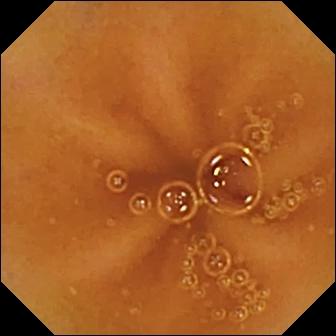Normal clean mucosa.